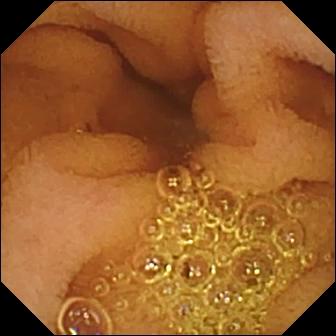Normal clean mucosa — VCE still of the small bowel.